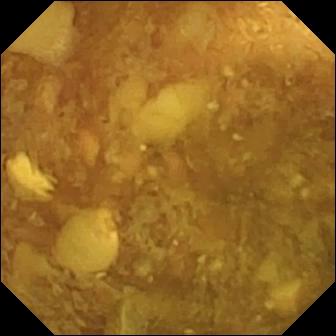modality: capsule endoscopy
label: reduced mucosal view (content or bubbles obscuring the mucosa)